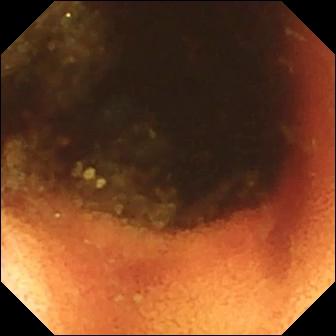Ileo-cecal valve region (where the capsule passes from the small bowel into the large bowel) — capsule endoscopy view.